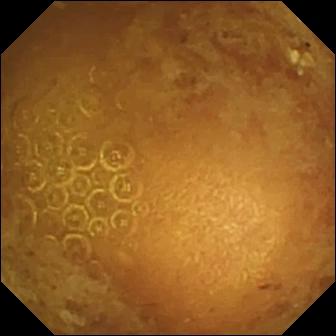modality: VCE | segment: small intestine | label: reduced mucosal view (content or bubbles obscuring the mucosa)